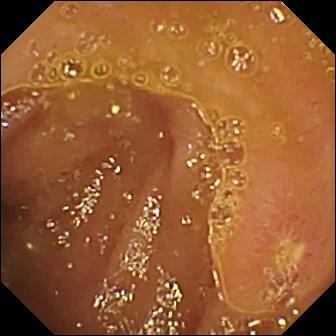WCE. Luminal finding. Impression: ulcer.